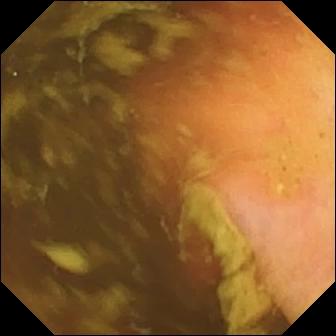Small-bowel capsule endoscopy view. Taken in the ileo-cecal valve region (the transition from the small bowel to the large bowel).